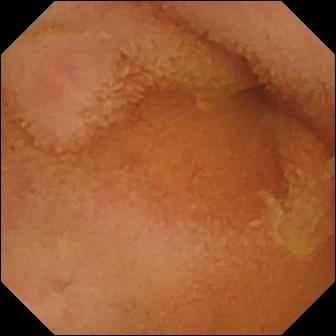Capsule endoscopy image, small intestine
Finding: normal clean mucosa